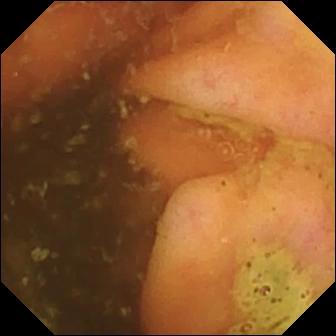Capsule endoscopy — ileo-cecal valve region (the transition from the small bowel to the large bowel).